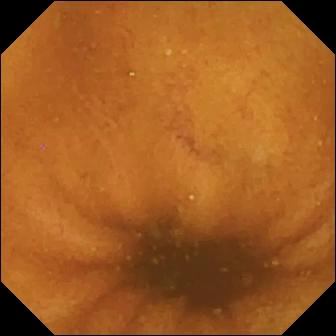Normal clean mucosa — wireless capsule endoscopy frame of the small intestine.